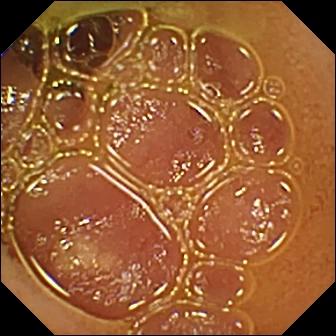Small-bowel capsule endoscopy. Observation: normal clean mucosa.